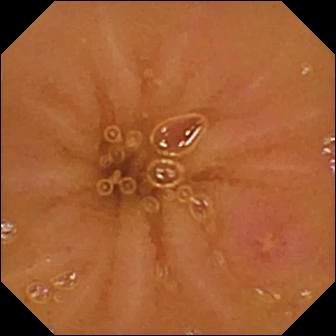Small-bowel capsule endoscopy. Label: ulcer.